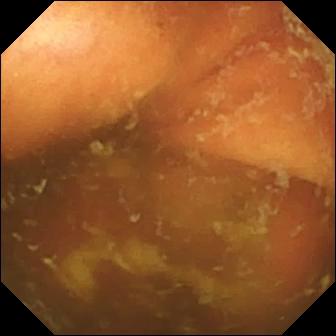Video capsule endoscopy image
Video segment: ileo-cecal valve region